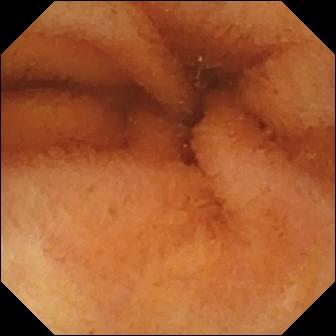Normal clean mucosa — capsule endoscopy snapshot of the small bowel.